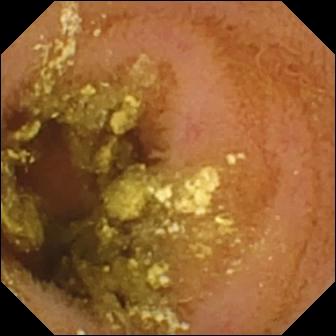Normal clean mucosa.